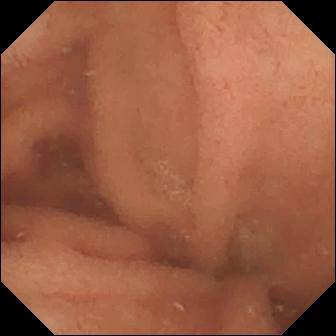Capsule endoscopy still. Normal clean mucosa.